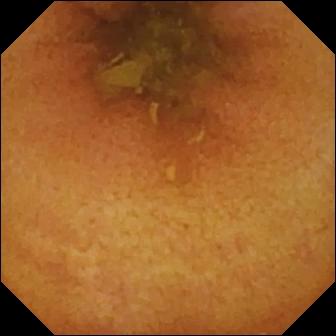- modality: small-bowel capsule endoscopy
- segment: small intestine
- label: normal clean mucosa